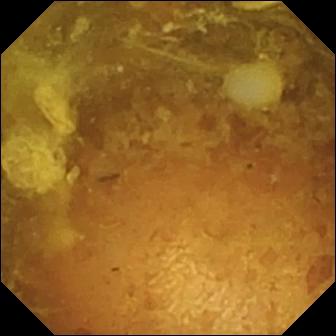Q: What does this WCE snapshot show?
A: Reduced mucosal view (content or bubbles obscuring the mucosa).